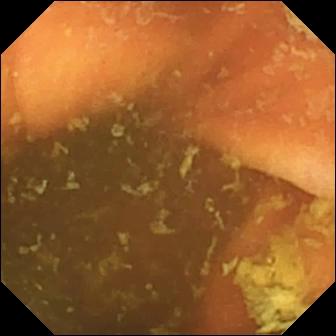WCE frame. Taken in the ileo-cecal valve region (where the capsule passes from the small bowel into the large bowel).